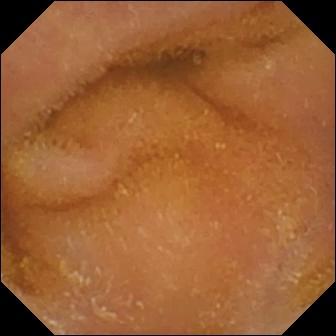Normal clean mucosa.